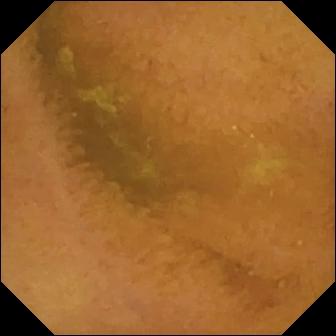Capsule endoscopy snapshot showing normal clean mucosa.